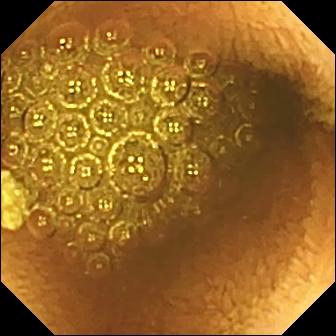WCE still, small bowel
Finding: reduced mucosal view (content or bubbles obscuring the mucosa)